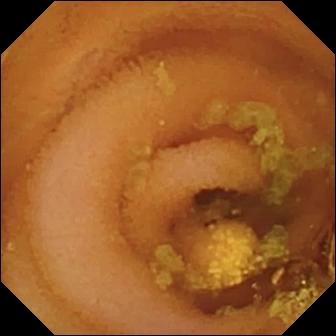Wireless capsule endoscopy frame. Lymphangiectasia.